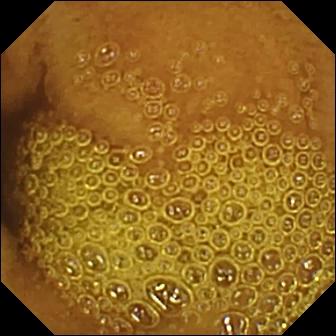- modality: video capsule endoscopy
- segment: small intestine
- observation: normal clean mucosa